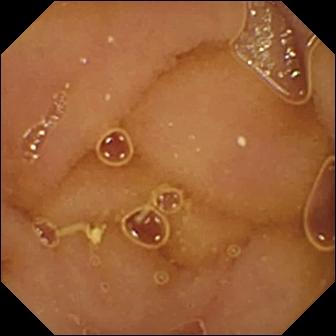Q: What does this capsule endoscopy image of the small bowel show?
A: Normal clean mucosa.